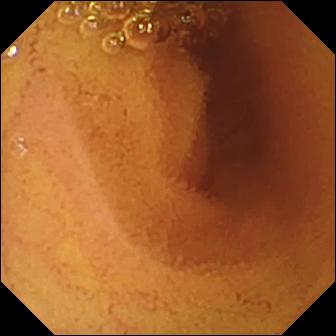VCE — normal clean mucosa.